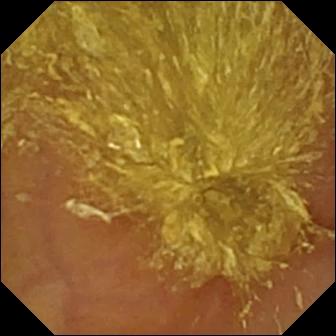- modality: video capsule endoscopy
- segment: small bowel
- impression: reduced mucosal view (content or bubbles obscuring the mucosa)